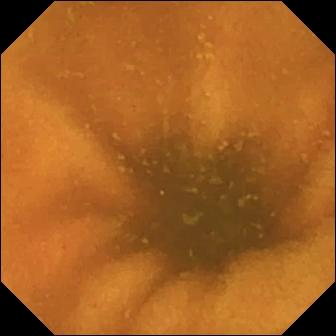- modality: video capsule endoscopy
- observation: normal clean mucosa